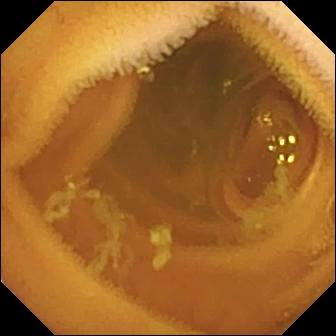- modality: video capsule endoscopy
- impression: normal clean mucosa